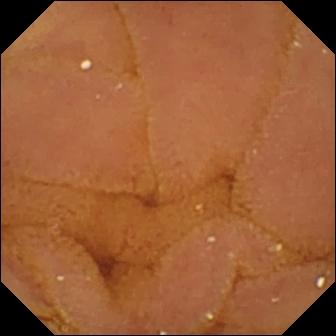modality: small-bowel capsule endoscopy
segment: small bowel
impression: normal clean mucosa